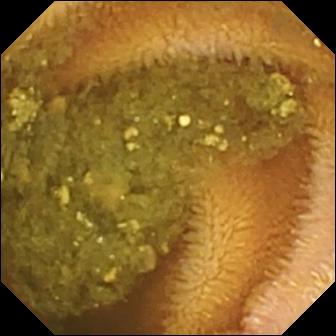Video capsule endoscopy. Finding: reduced mucosal view (content or bubbles obscuring the mucosa).